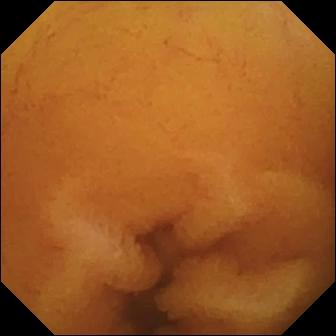WCE — normal clean mucosa.